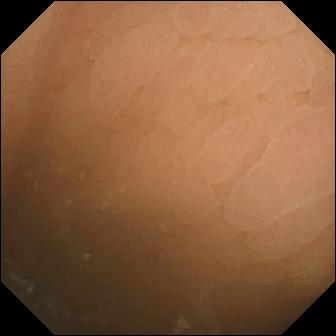Pylorus region (where the capsule passes from the stomach into the small bowel) — wireless capsule endoscopy view.